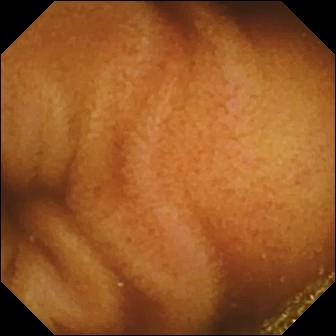VCE image, small intestine
Finding: normal clean mucosa